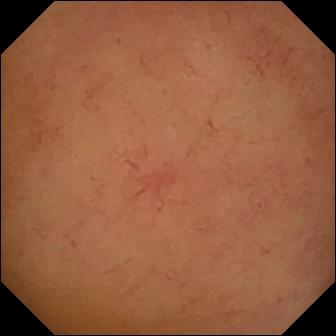{"modality": "small-bowel capsule endoscopy", "category": "luminal finding", "finding": "normal clean mucosa"}